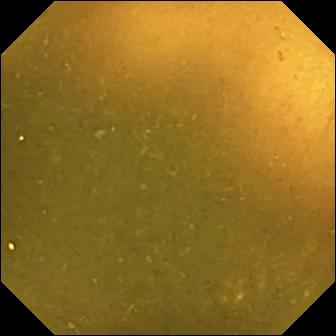Small-bowel capsule endoscopy. Location: ileo-cecal valve region.